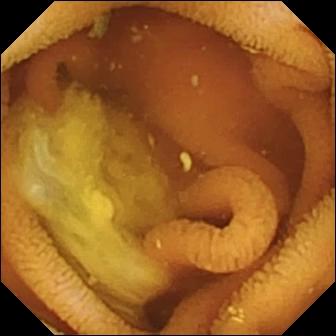Normal clean mucosa (336×336).